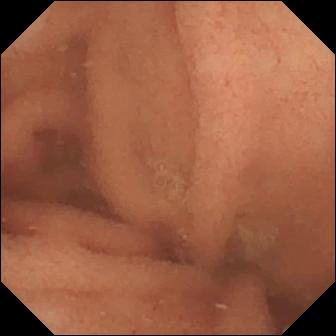Capsule endoscopy image of the small intestine showing normal clean mucosa.